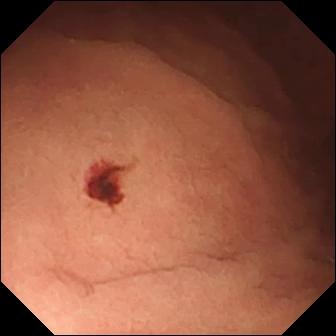{"modality": "wireless capsule endoscopy", "category": "luminal finding", "finding": "angiectasia"}